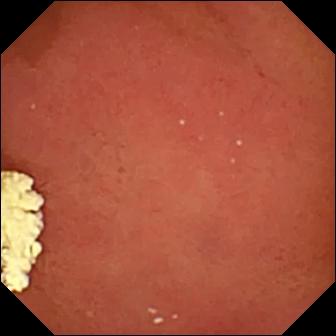{"modality": "VCE", "category": "anatomical landmark", "video_segment": "pylorus region (the junction between the stomach and the small bowel)"}